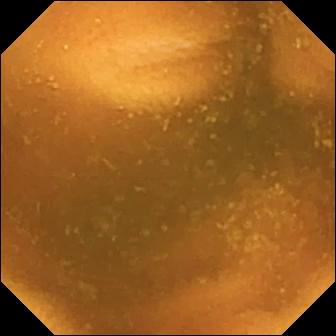Normal clean mucosa — wireless capsule endoscopy snapshot of the small intestine.